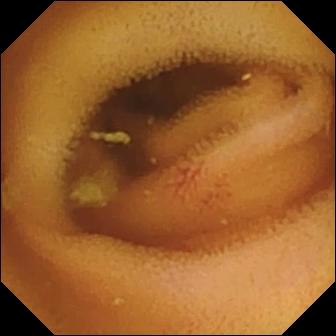VCE image showing angiectasia.